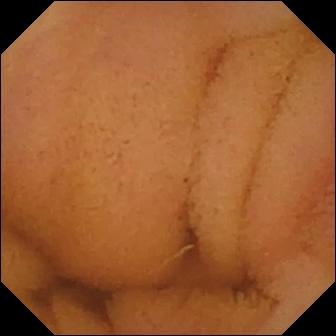- modality: wireless capsule endoscopy
- segment: small bowel
- impression: normal clean mucosa